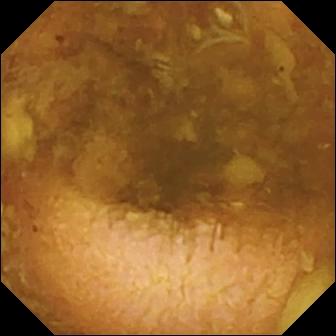Video capsule endoscopy still of the small bowel showing reduced mucosal view (content or bubbles obscuring the mucosa).